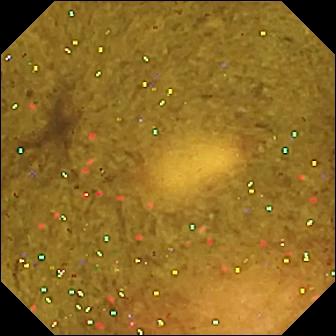WCE — ileo-cecal valve region (where the capsule passes from the small bowel into the large bowel).